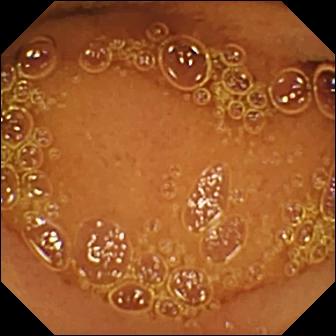PROCEDURE: VCE.
SEGMENT: Small bowel.
FINDINGS: Normal clean mucosa.